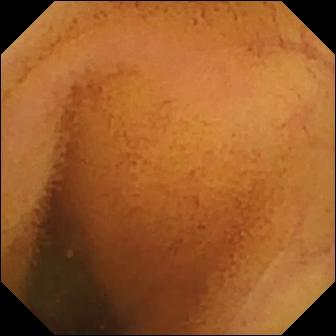Capsule endoscopy view showing normal clean mucosa.